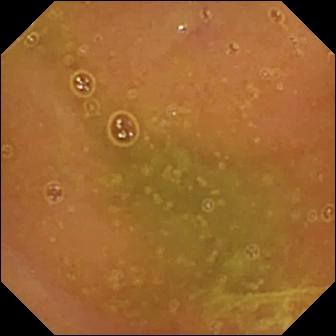Normal clean mucosa.